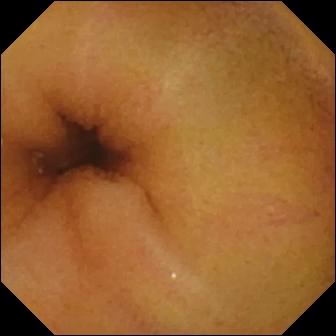Normal clean mucosa — capsule endoscopy frame of the small bowel.